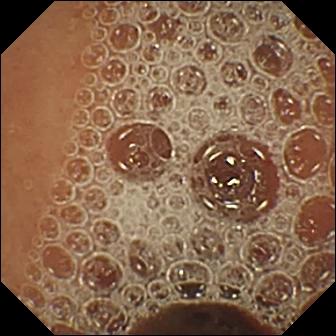Normal clean mucosa — video capsule endoscopy view.